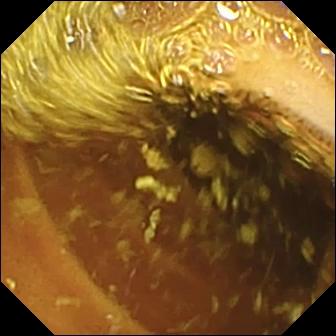WCE. Small intestine. Observation: normal clean mucosa.